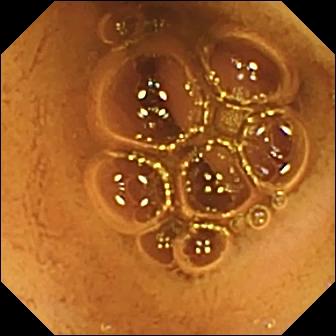Small-bowel capsule endoscopy frame showing normal clean mucosa.